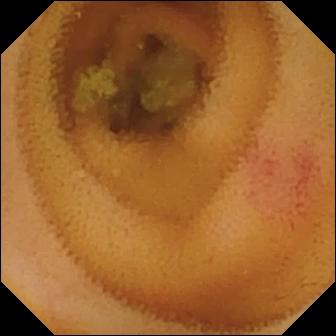modality: video capsule endoscopy | label: angiectasia